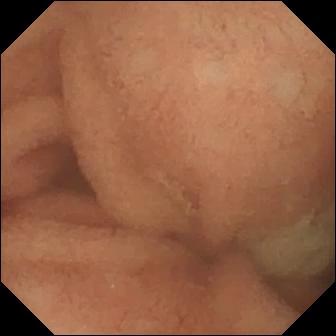Small-bowel capsule endoscopy frame of the small bowel showing normal clean mucosa.